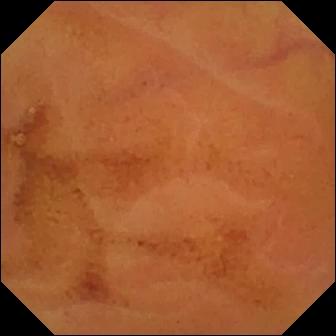Q: What does this VCE snapshot show?
A: Normal clean mucosa.